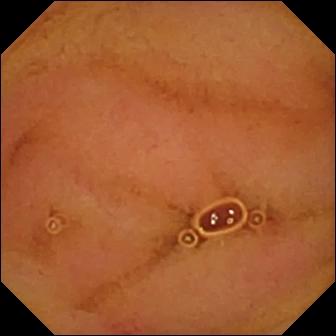Normal clean mucosa (336×336).